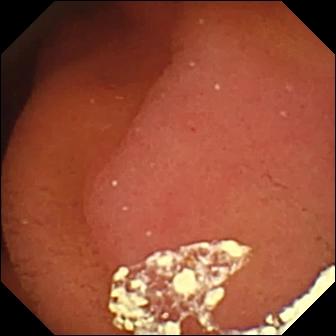PROCEDURE: WCE.
LOCATION: Pylorus region.